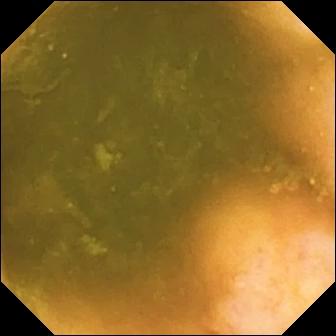This VCE image was taken in the ileo-cecal valve region.